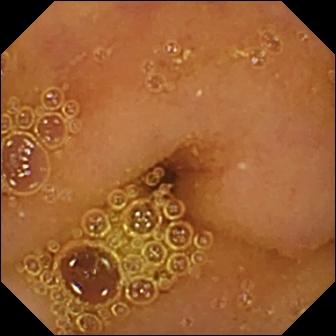Normal clean mucosa — capsule endoscopy snapshot.